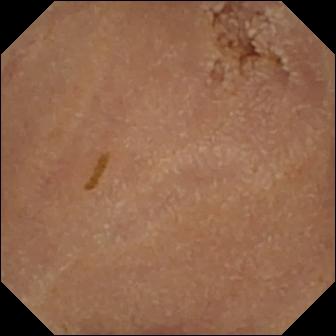WCE. Luminal finding. Observation: normal clean mucosa.